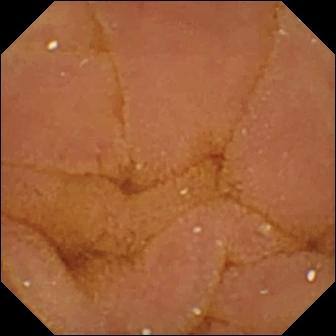modality: small-bowel capsule endoscopy | segment: small bowel | label: normal clean mucosa